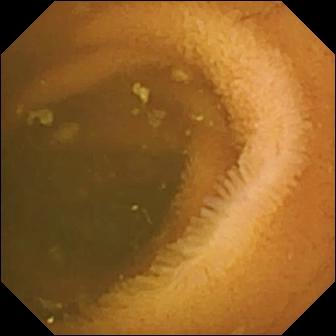Q: What does this capsule endoscopy still show?
A: Normal clean mucosa.